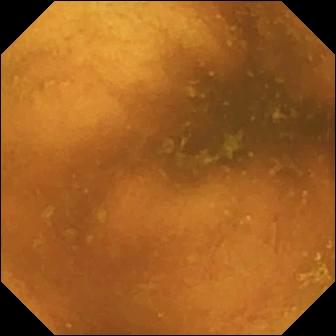{"modality": "wireless capsule endoscopy", "finding": "normal clean mucosa"}